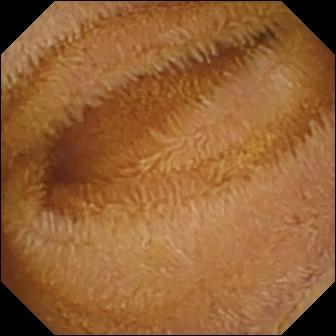WCE. Small bowel. Observation: normal clean mucosa.